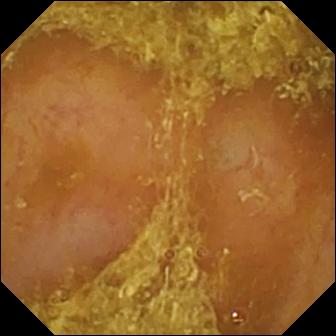modality: wireless capsule endoscopy
segment: small intestine
observation: reduced mucosal view (content or bubbles obscuring the mucosa)